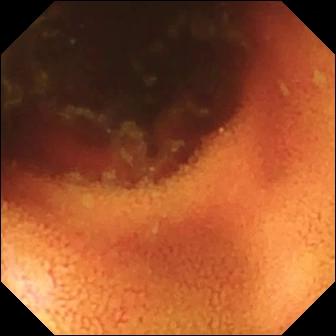Ileo-cecal valve region (where the capsule passes from the small bowel into the large bowel) — wireless capsule endoscopy still.